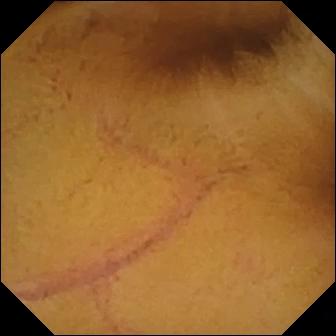Q: What does this capsule endoscopy view show?
A: Normal clean mucosa.